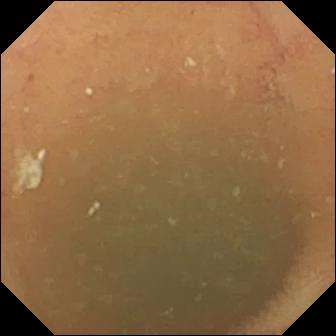VCE view showing normal clean mucosa.